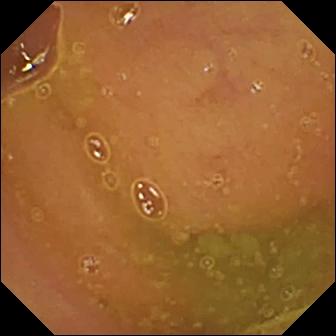PROCEDURE: Wireless capsule endoscopy.
SEGMENT: Small intestine.
FINDINGS: Normal clean mucosa.